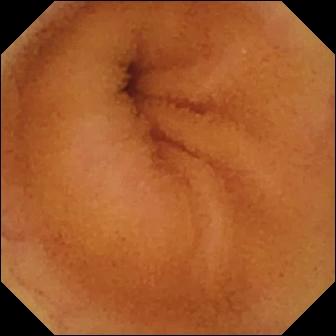Q: What does this VCE still show?
A: Normal clean mucosa.